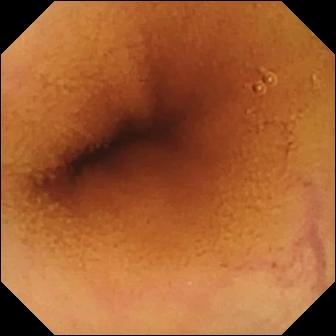WCE image. Normal clean mucosa.